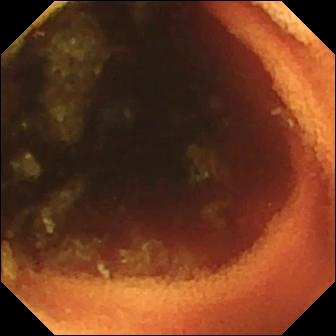Wireless capsule endoscopy still. Taken in the ileo-cecal valve region (the transition from the small bowel to the large bowel).